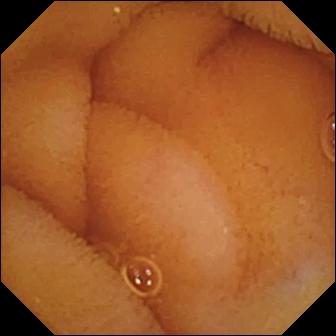Small-bowel capsule endoscopy. Impression: normal clean mucosa.